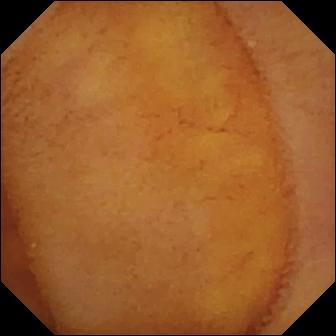Small-bowel capsule endoscopy snapshot, small bowel
Finding: normal clean mucosa